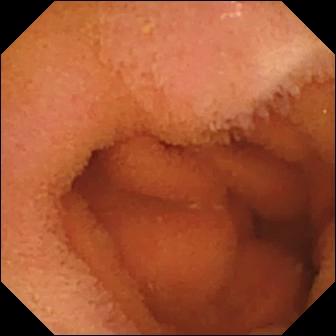Capsule endoscopy view. Normal clean mucosa.